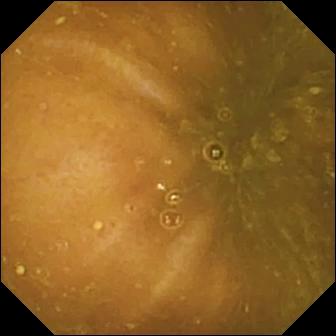Reduced mucosal view (content or bubbles obscuring the mucosa) — capsule endoscopy snapshot of the small bowel.